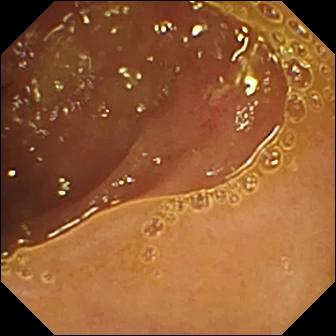Ulcer — WCE frame.